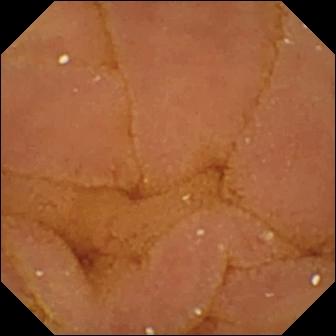PROCEDURE: WCE.
FINDINGS: Normal clean mucosa.